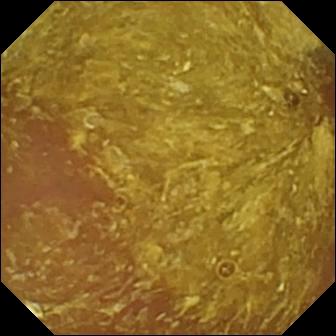modality: video capsule endoscopy | category: luminal finding | observation: reduced mucosal view (content or bubbles obscuring the mucosa)